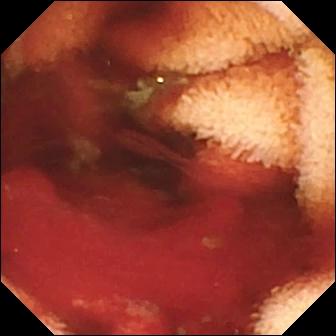Small-bowel capsule endoscopy — fresh blood in the lumen.